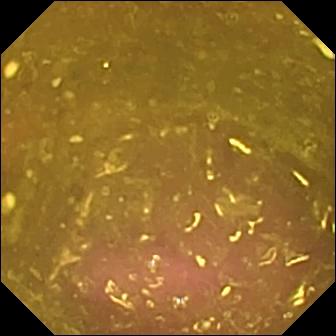Small-bowel capsule endoscopy. Small intestine. Luminal finding. Observation: reduced mucosal view (content or bubbles obscuring the mucosa).